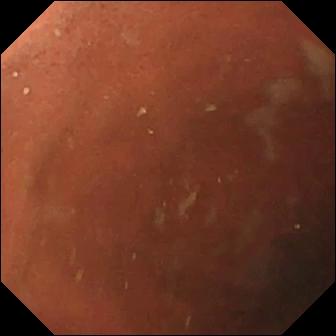Pylorus region (the junction between the stomach and the small bowel).